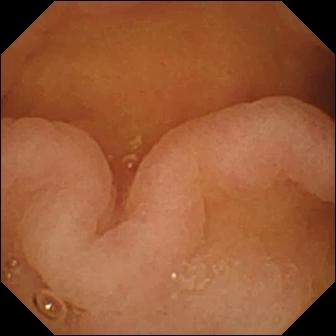Pylorus region.